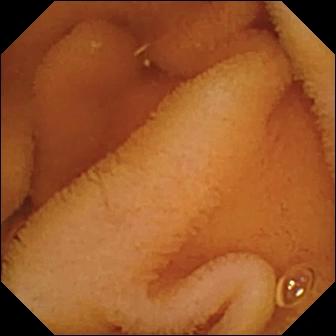Q: What does this WCE view of the small bowel show?
A: Normal clean mucosa.